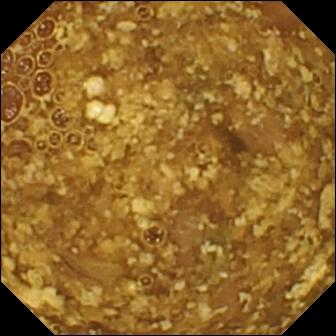Q: What does this VCE frame show?
A: Reduced mucosal view (content or bubbles obscuring the mucosa).